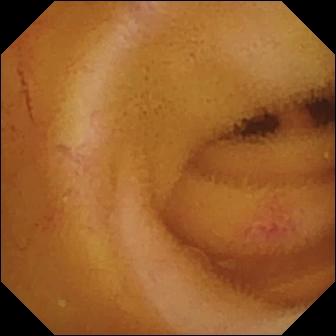modality: small-bowel capsule endoscopy; category: luminal finding; finding: angiectasia